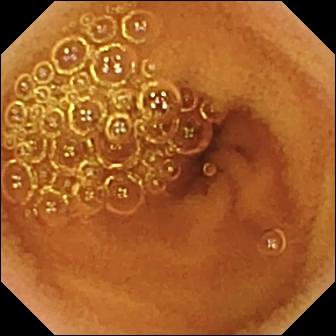PROCEDURE: Wireless capsule endoscopy.
FINDINGS: Normal clean mucosa.